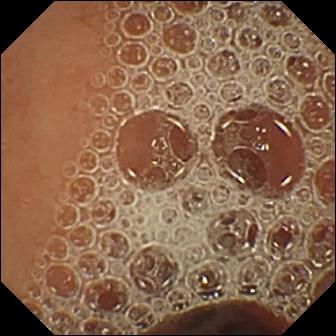Capsule endoscopy view. Normal clean mucosa.